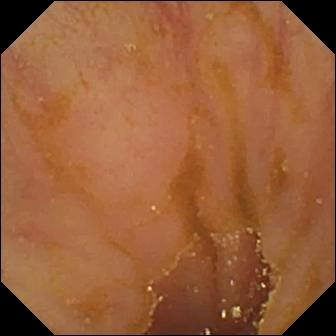VCE view. Taken in the ileo-cecal valve region.